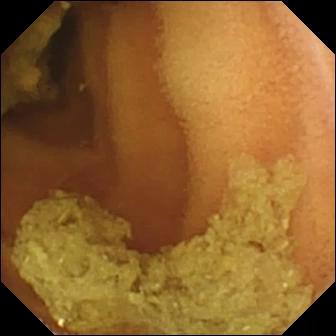This small-bowel capsule endoscopy frame of the small bowel shows normal clean mucosa.